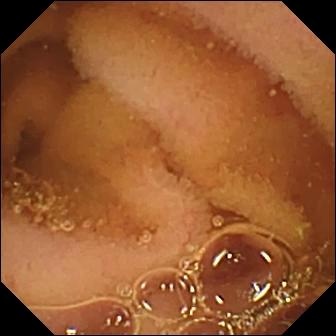- modality: small-bowel capsule endoscopy
- impression: normal clean mucosa